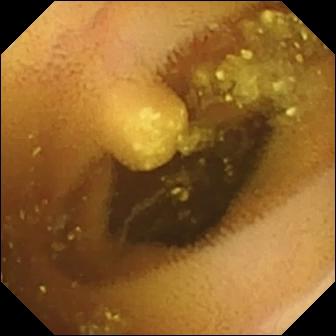Wireless capsule endoscopy still, 336×336. Lymphangiectasia.